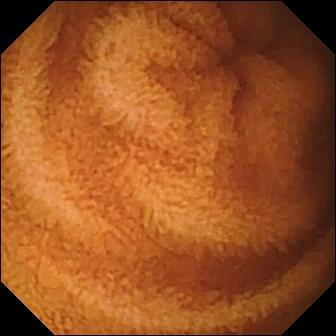modality: WCE
segment: small bowel
label: normal clean mucosa